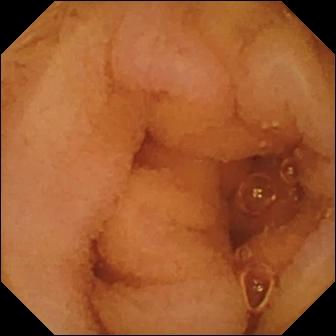{"modality": "capsule endoscopy", "category": "luminal finding", "finding": "normal clean mucosa"}